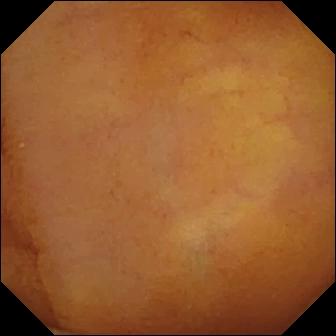Q: What does this wireless capsule endoscopy snapshot of the small bowel show?
A: Normal clean mucosa.